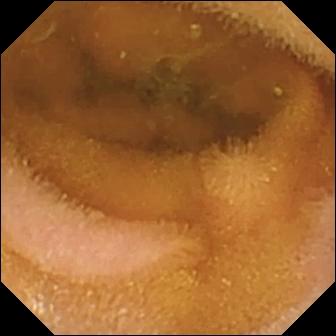Small-bowel capsule endoscopy — normal clean mucosa.